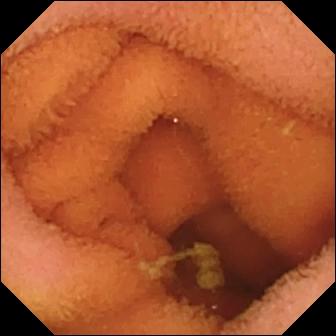Small-bowel capsule endoscopy image
Impression: normal clean mucosa